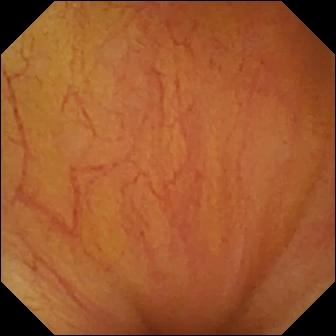{"modality": "WCE", "position": "ileo-cecal valve region (the transition from the small bowel to the large bowel)"}